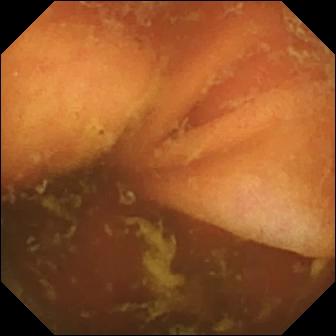Ileo-cecal valve region — video capsule endoscopy view.